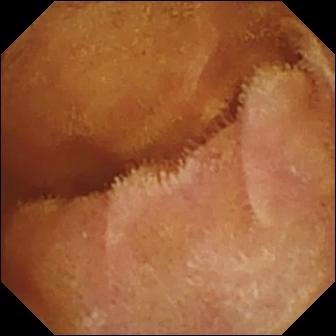This WCE image of the small bowel shows normal clean mucosa.